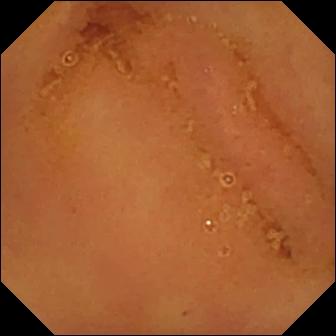This wireless capsule endoscopy view of the small bowel shows normal clean mucosa.